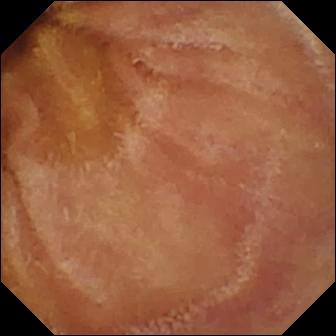PROCEDURE: Wireless capsule endoscopy.
FINDINGS: Normal clean mucosa.